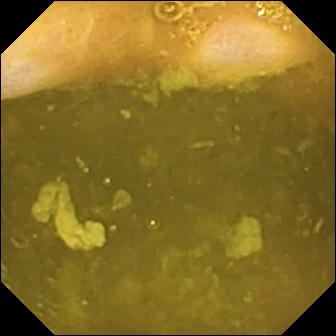Small-bowel capsule endoscopy. Label: ileo-cecal valve region (the transition from the small bowel to the large bowel).